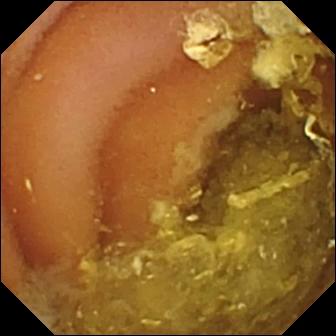Video capsule endoscopy. Small bowel. Finding: normal clean mucosa.